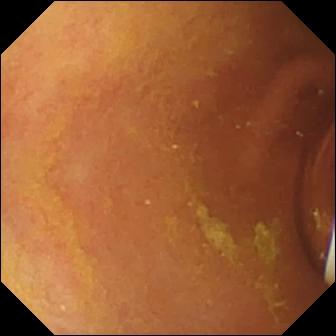Capsule endoscopy snapshot showing foreign body (e.g. retained capsule, tablet residue).